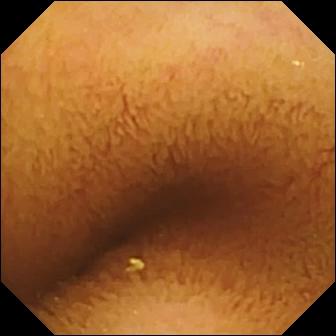Capsule endoscopy frame, small intestine
Impression: normal clean mucosa